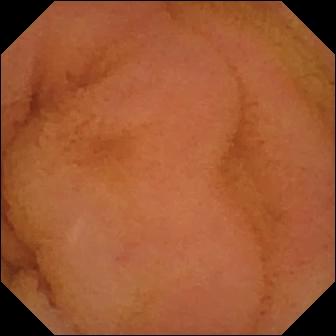modality: VCE
segment: small bowel
observation: normal clean mucosa